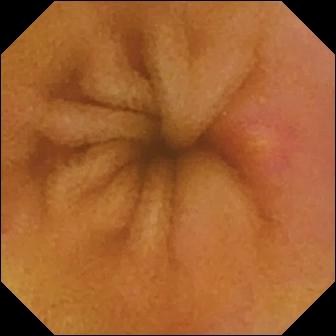VCE view, 336×336. Erosion.